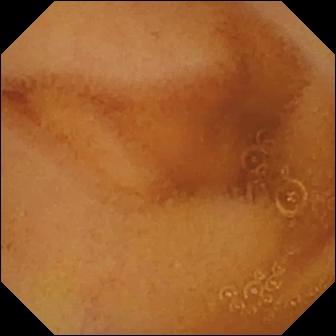Normal clean mucosa.